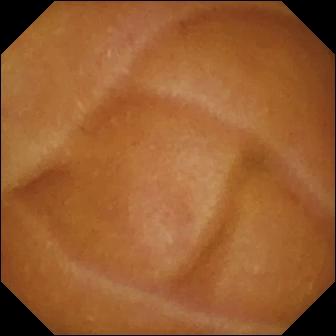Video capsule endoscopy. Luminal finding. Label: normal clean mucosa.